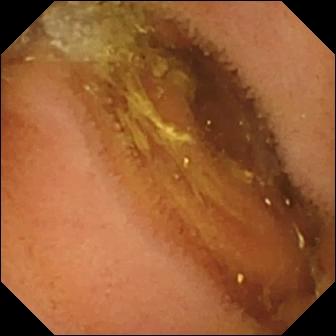Capsule endoscopy — normal clean mucosa.